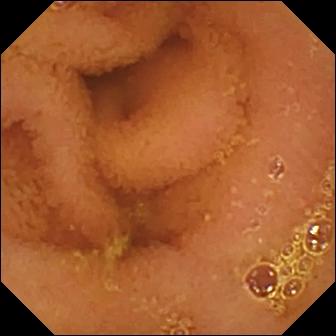{"modality": "WCE", "segment": "small intestine", "finding": "normal clean mucosa"}